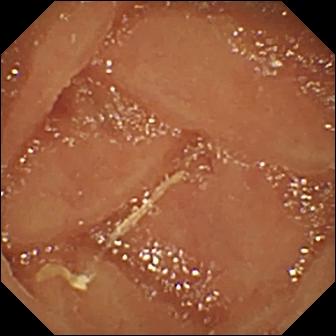{"modality": "small-bowel capsule endoscopy", "segment": "small intestine", "category": "luminal finding", "finding": "normal clean mucosa"}